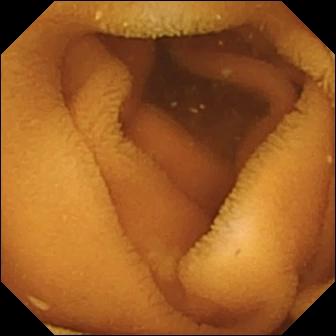{"modality": "capsule endoscopy", "category": "luminal finding", "finding": "normal clean mucosa"}